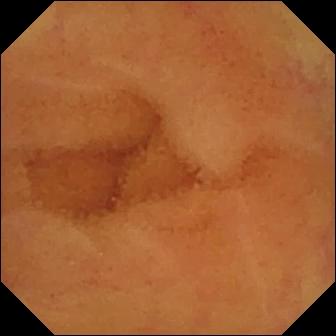PROCEDURE: Small-bowel capsule endoscopy.
FINDINGS: Normal clean mucosa.